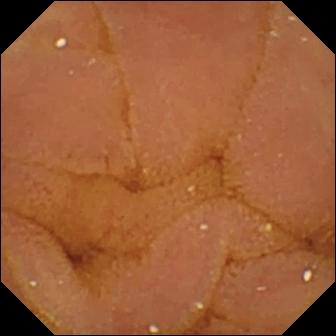WCE snapshot, 336×336. Normal clean mucosa.